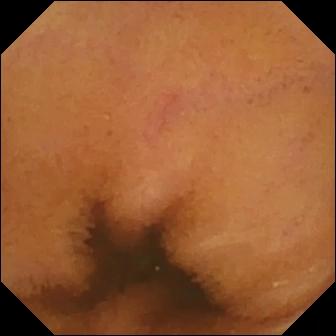WCE view (small intestine), 336×336. Normal clean mucosa.